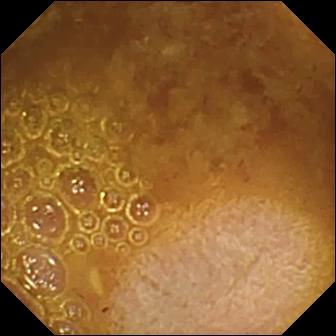PROCEDURE: Video capsule endoscopy.
SEGMENT: Small intestine.
FINDINGS: Reduced mucosal view (content or bubbles obscuring the mucosa).